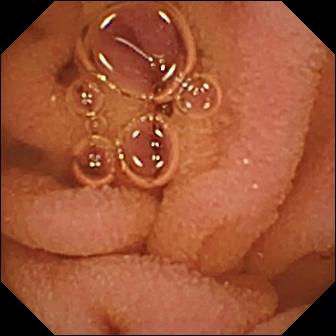VCE still. Normal clean mucosa.